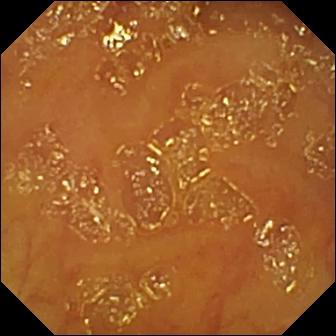Small-bowel capsule endoscopy — ileo-cecal valve region (where the capsule passes from the small bowel into the large bowel).